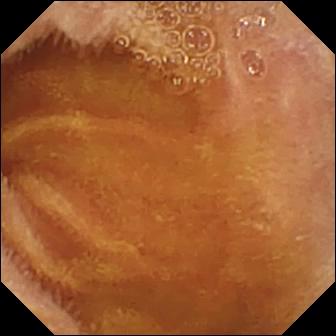Capsule endoscopy. Small intestine. Label: normal clean mucosa.